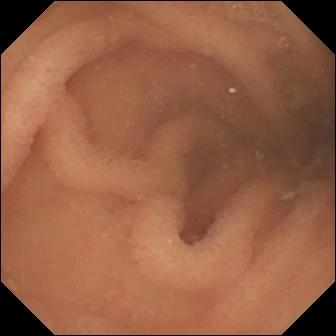Q: What does this wireless capsule endoscopy frame of the small bowel show?
A: Normal clean mucosa.